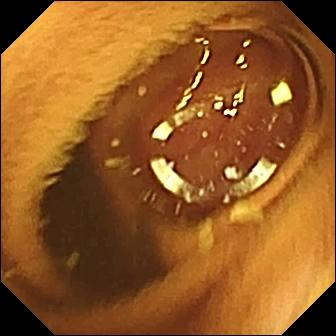PROCEDURE: VCE.
FINDINGS: Normal clean mucosa.